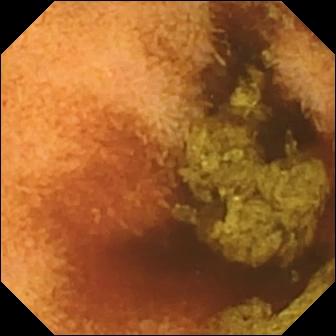VCE — normal clean mucosa.